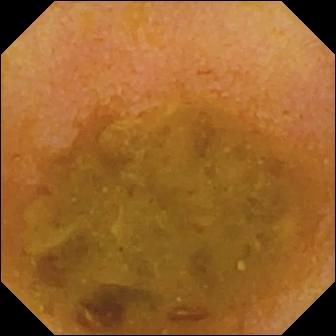This WCE snapshot of the small intestine shows reduced mucosal view (content or bubbles obscuring the mucosa).